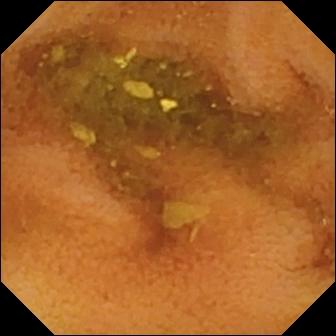Wireless capsule endoscopy snapshot
Observation: normal clean mucosa